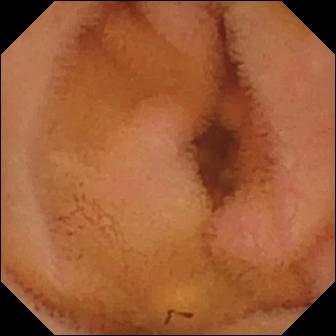VCE. Luminal finding. Label: normal clean mucosa.